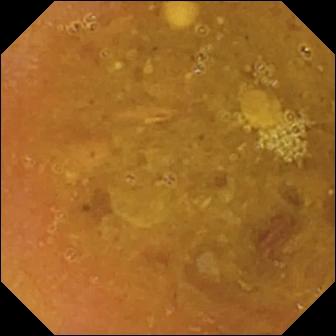Wireless capsule endoscopy image showing reduced mucosal view (content or bubbles obscuring the mucosa).